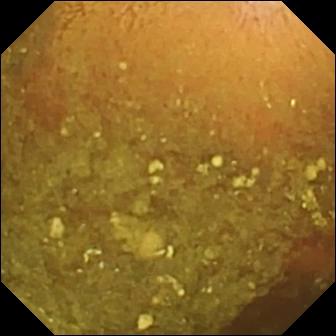Reduced mucosal view (content or bubbles obscuring the mucosa) — wireless capsule endoscopy view.